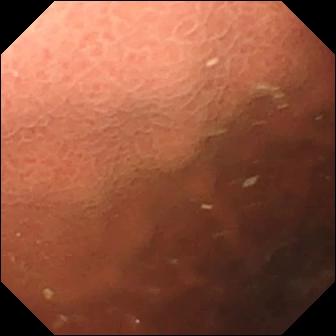Video capsule endoscopy — pylorus region (the junction between the stomach and the small bowel).